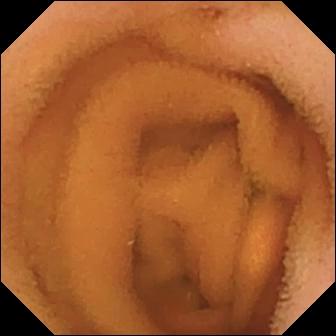{"modality": "WCE", "segment": "small bowel", "category": "luminal finding", "finding": "normal clean mucosa"}